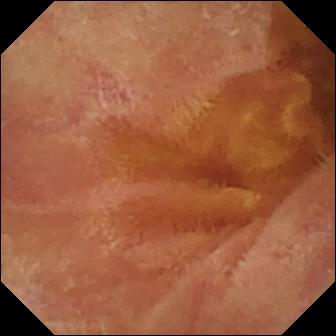Capsule endoscopy — normal clean mucosa.